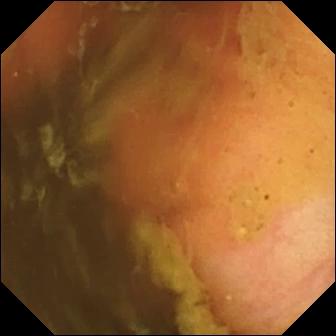modality: video capsule endoscopy; location: ileo-cecal valve region (the transition from the small bowel to the large bowel)